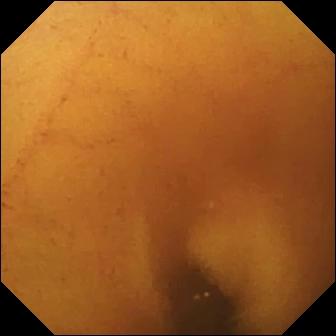VCE view of the small bowel showing normal clean mucosa.